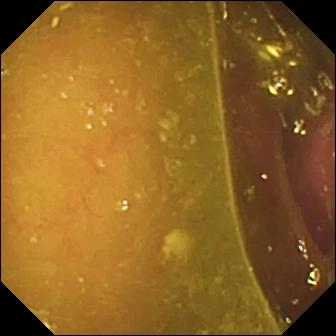This small-bowel capsule endoscopy view shows reduced mucosal view (content or bubbles obscuring the mucosa).